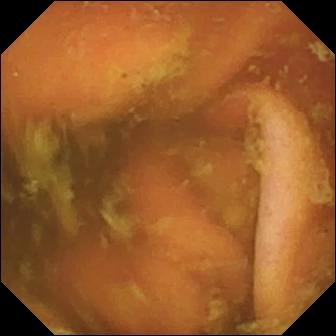Ileo-cecal valve region (where the capsule passes from the small bowel into the large bowel).